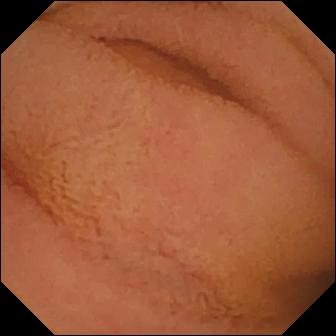Wireless capsule endoscopy still
Observation: normal clean mucosa